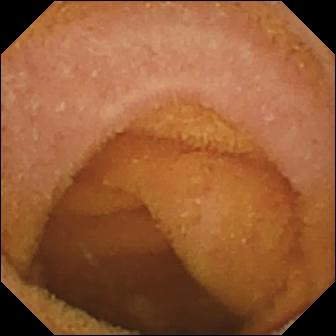{"modality": "video capsule endoscopy", "finding": "normal clean mucosa"}